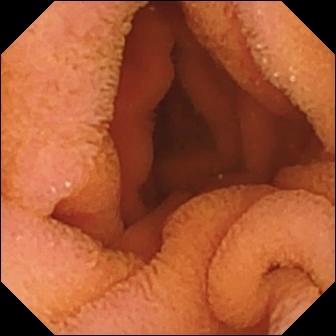Normal clean mucosa.